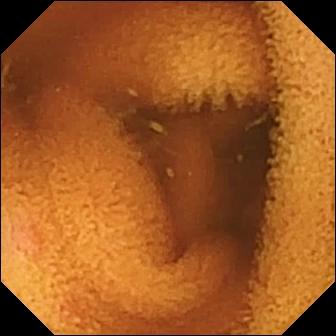Capsule endoscopy. Finding: normal clean mucosa.